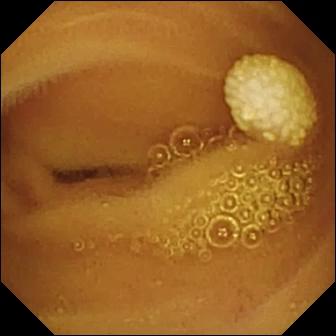modality: WCE
impression: lymphangiectasia